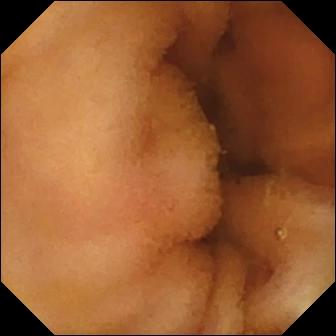PROCEDURE: Small-bowel capsule endoscopy.
SEGMENT: Small intestine.
FINDINGS: Normal clean mucosa.